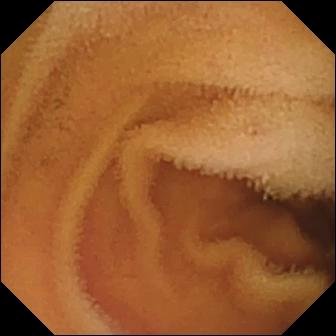- modality: video capsule endoscopy
- segment: small bowel
- category: luminal finding
- finding: normal clean mucosa